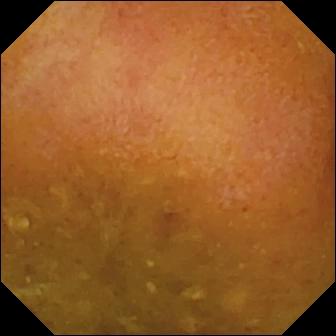modality: small-bowel capsule endoscopy | segment: small bowel | impression: reduced mucosal view (content or bubbles obscuring the mucosa)